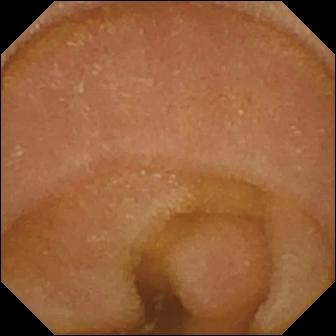- modality: VCE
- segment: small intestine
- finding: normal clean mucosa